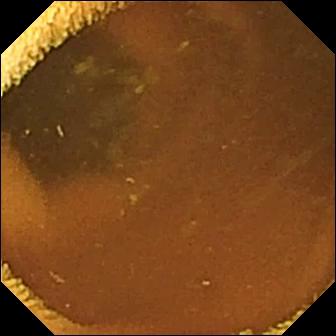Normal clean mucosa — wireless capsule endoscopy still of the small bowel.